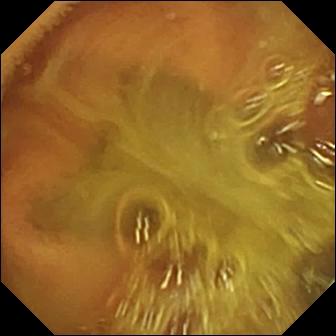Normal clean mucosa — capsule endoscopy image of the small bowel.